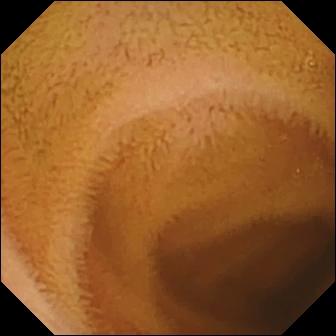This capsule endoscopy image shows normal clean mucosa.